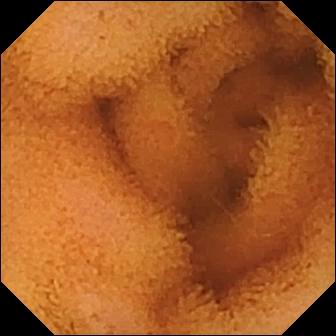Small-bowel capsule endoscopy image, small bowel
Impression: normal clean mucosa